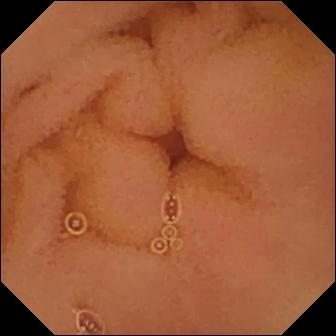Video capsule endoscopy snapshot. Normal clean mucosa.